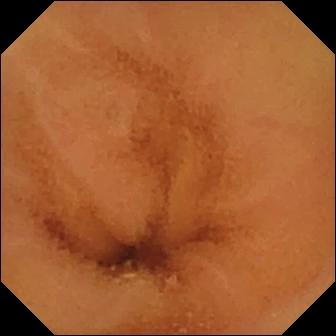PROCEDURE: Wireless capsule endoscopy.
SEGMENT: Small intestine.
FINDINGS: Normal clean mucosa.